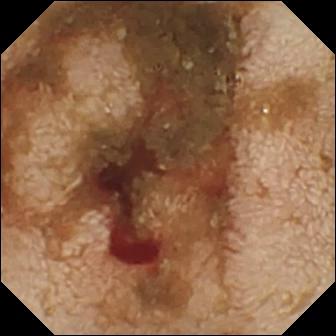This WCE still shows fresh blood in the lumen.